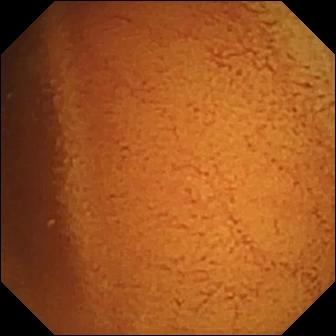PROCEDURE: VCE.
FINDINGS: Normal clean mucosa.